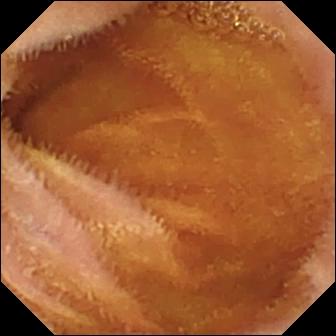WCE — normal clean mucosa.